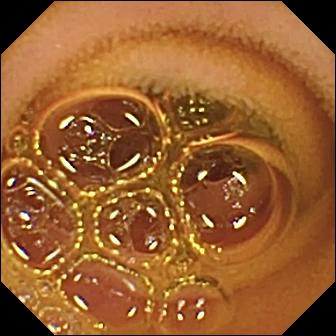Capsule endoscopy — normal clean mucosa.